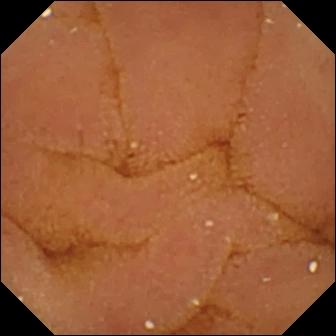- modality: small-bowel capsule endoscopy
- impression: normal clean mucosa